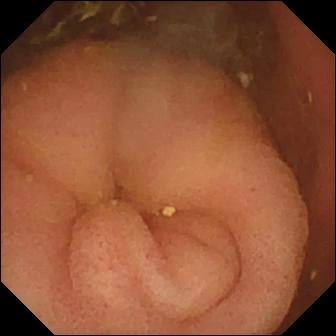{"modality": "small-bowel capsule endoscopy", "location": "pylorus region (where the capsule passes from the stomach into the small bowel)"}